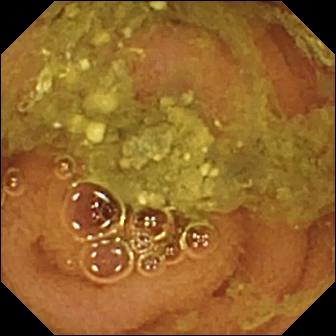{"modality": "capsule endoscopy", "category": "luminal finding", "finding": "normal clean mucosa"}